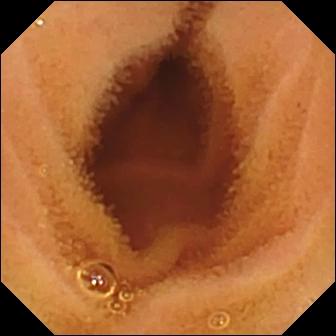Normal clean mucosa (336×336).